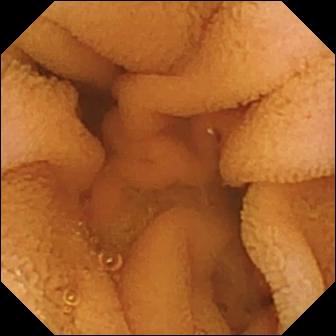- modality: video capsule endoscopy
- segment: small bowel
- observation: normal clean mucosa